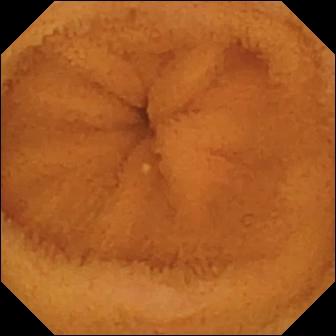Q: What does this VCE frame of the small bowel show?
A: Normal clean mucosa.